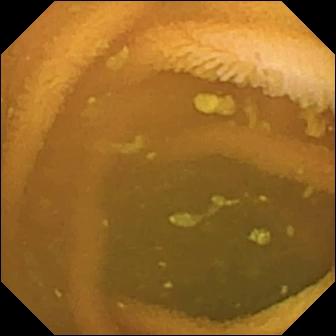WCE still
Impression: normal clean mucosa